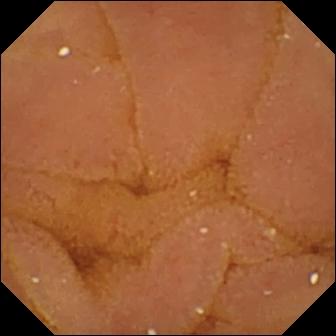WCE frame (small bowel), 336×336. Normal clean mucosa.